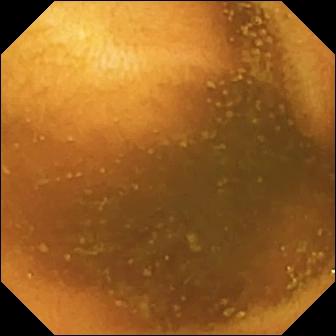Capsule endoscopy. Finding: normal clean mucosa.